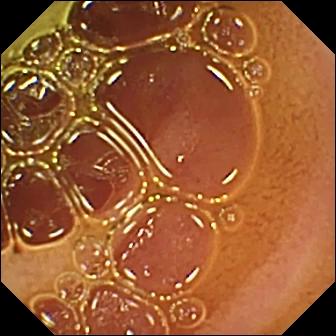Normal clean mucosa (336×336).